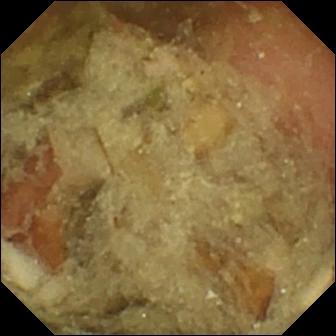Pylorus region (where the capsule passes from the stomach into the small bowel), 336×336.